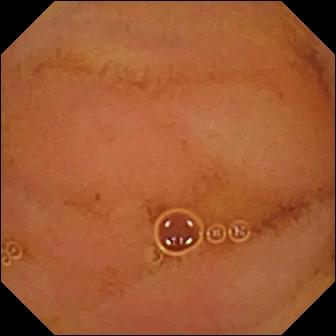modality: wireless capsule endoscopy
segment: small intestine
label: normal clean mucosa